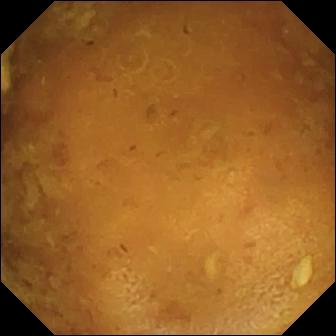This WCE snapshot of the small intestine shows reduced mucosal view (content or bubbles obscuring the mucosa).